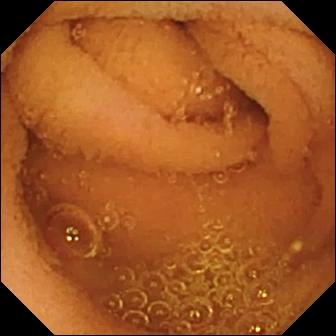Wireless capsule endoscopy image. Normal clean mucosa.